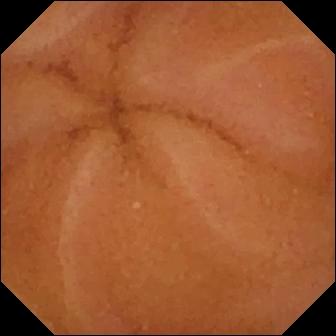WCE snapshot showing normal clean mucosa.